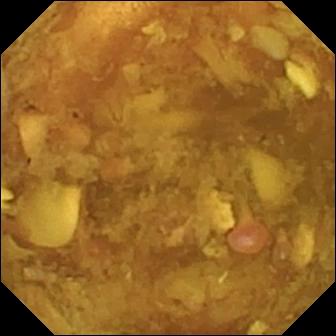modality: WCE | observation: reduced mucosal view (content or bubbles obscuring the mucosa)